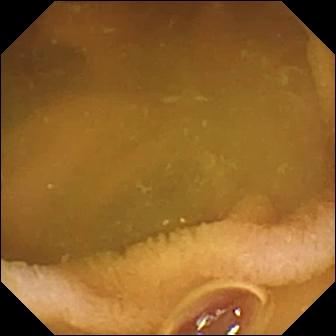Wireless capsule endoscopy still showing normal clean mucosa.